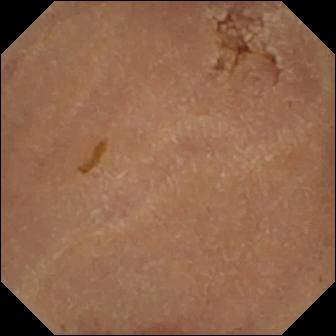- modality: WCE
- category: luminal finding
- finding: normal clean mucosa